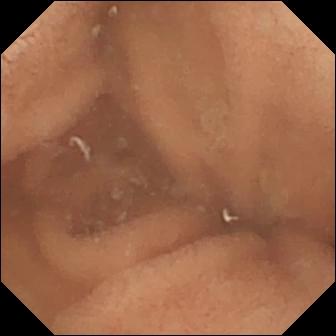Normal clean mucosa.